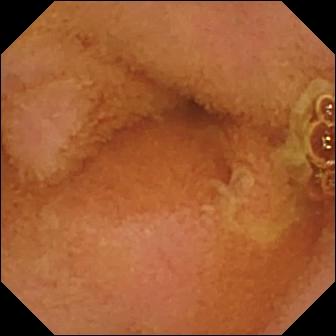Wireless capsule endoscopy — normal clean mucosa.